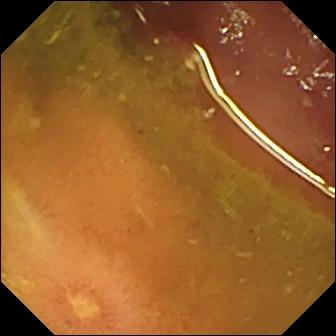- modality: WCE
- observation: ulcer